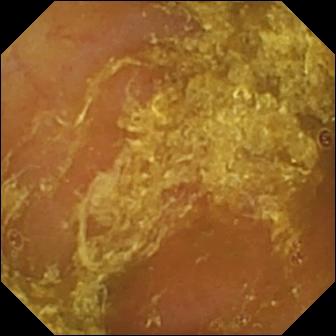modality: WCE; segment: small intestine; label: reduced mucosal view (content or bubbles obscuring the mucosa)